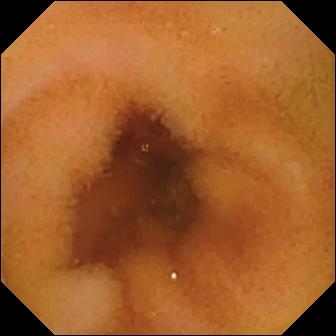VCE — normal clean mucosa.